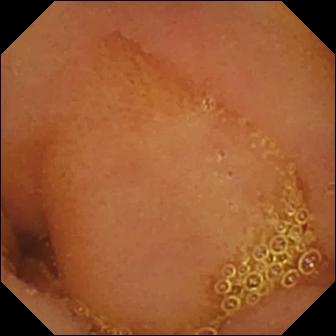Wireless capsule endoscopy — normal clean mucosa.